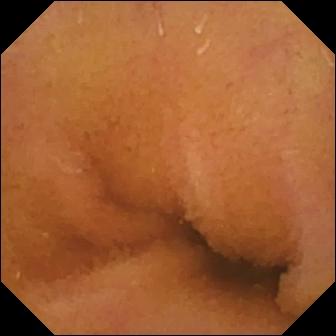WCE. Small bowel. Impression: normal clean mucosa.